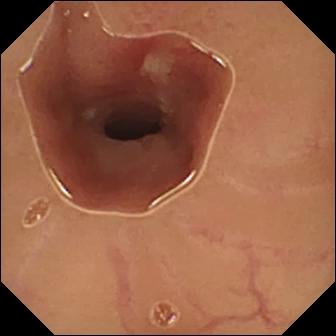{"modality": "video capsule endoscopy", "finding": "ulcer"}